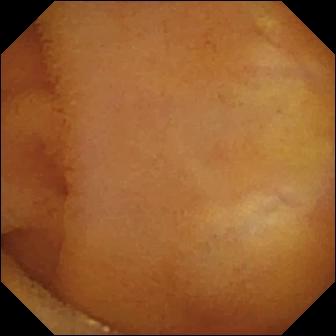{"modality": "video capsule endoscopy", "category": "luminal finding", "finding": "normal clean mucosa"}